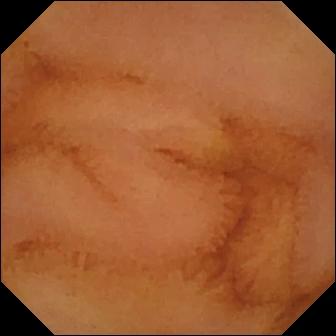WCE image showing normal clean mucosa.